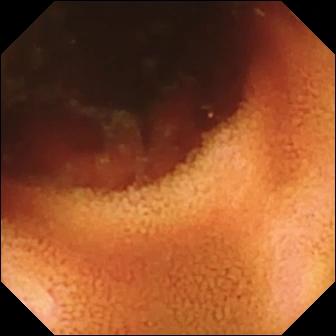{"modality": "video capsule endoscopy", "category": "anatomical landmark", "label": "ileo-cecal valve region (the transition from the small bowel to the large bowel)"}